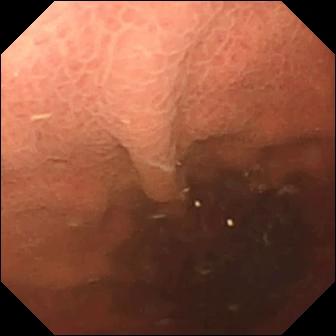VCE — pylorus region (the junction between the stomach and the small bowel).